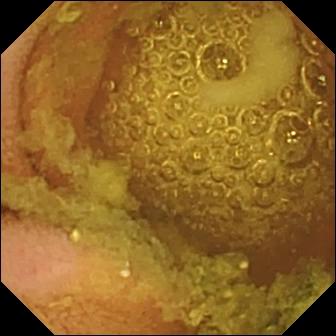modality: wireless capsule endoscopy; segment: small bowel; finding: normal clean mucosa